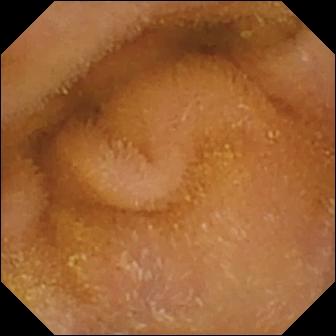Normal clean mucosa — VCE still.